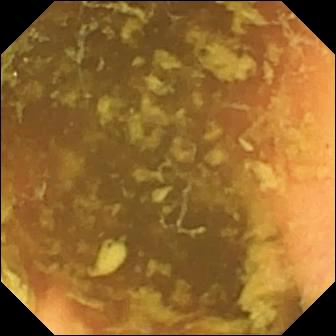Ileo-cecal valve region (the transition from the small bowel to the large bowel).